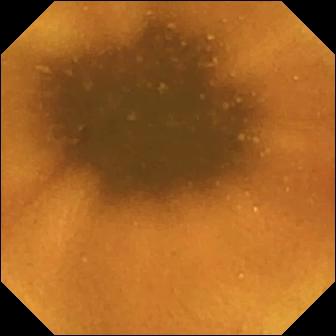Small-bowel capsule endoscopy — normal clean mucosa.